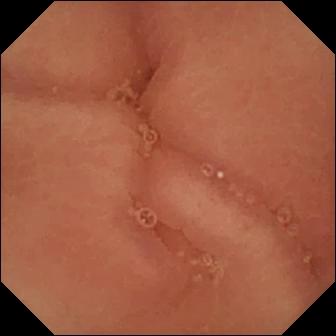Q: Where in the digestive tract was this WCE frame taken?
A: Pylorus region.